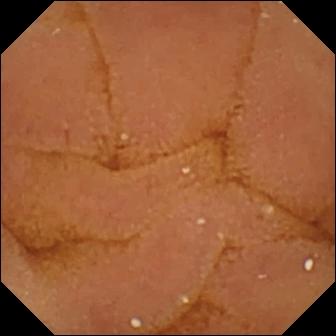Wireless capsule endoscopy frame of the small intestine showing normal clean mucosa.